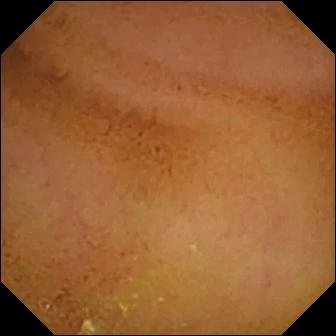modality: VCE
impression: normal clean mucosa